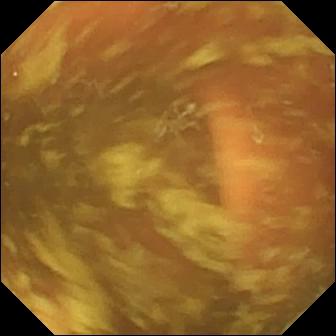Ileo-cecal valve region (the transition from the small bowel to the large bowel) — capsule endoscopy snapshot.